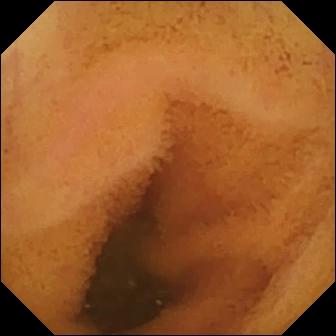- modality: wireless capsule endoscopy
- segment: small intestine
- finding: normal clean mucosa